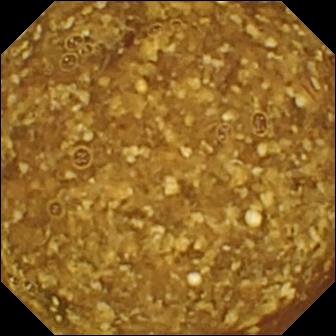Q: What does this VCE snapshot show?
A: Reduced mucosal view (content or bubbles obscuring the mucosa).